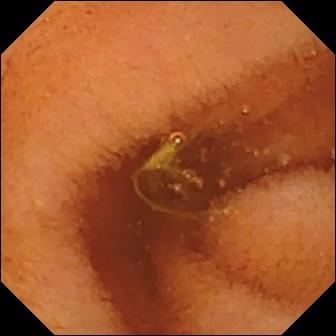{"modality": "video capsule endoscopy", "finding": "normal clean mucosa"}